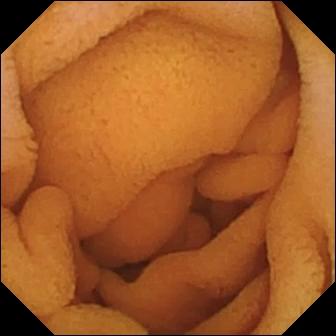Video capsule endoscopy frame. Normal clean mucosa.